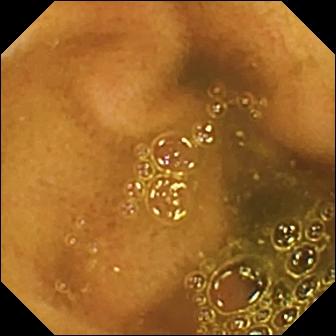Q: Where in the digestive tract was this capsule endoscopy frame taken?
A: Ileo-cecal valve region (the transition from the small bowel to the large bowel).